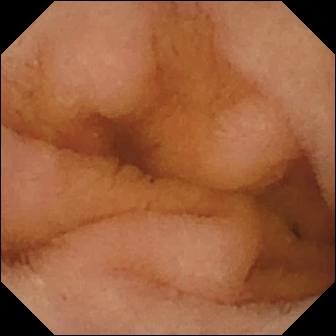PROCEDURE: Capsule endoscopy.
SEGMENT: Small intestine.
FINDINGS: Normal clean mucosa.